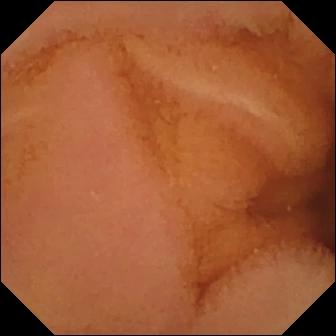modality: VCE | label: normal clean mucosa